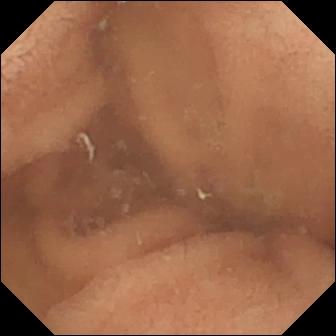Q: What does this video capsule endoscopy snapshot of the small intestine show?
A: Normal clean mucosa.